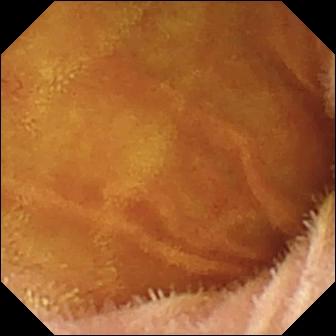modality: video capsule endoscopy
impression: normal clean mucosa